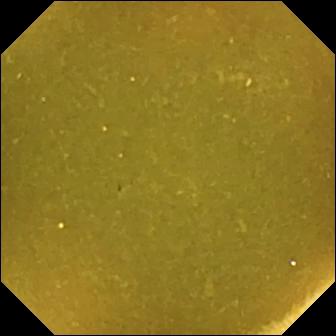Ileo-cecal valve region (the transition from the small bowel to the large bowel).